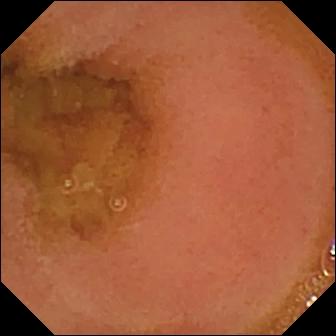Video capsule endoscopy — normal clean mucosa.